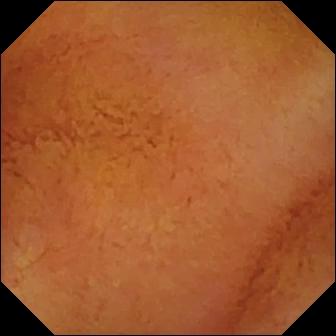WCE still showing normal clean mucosa.